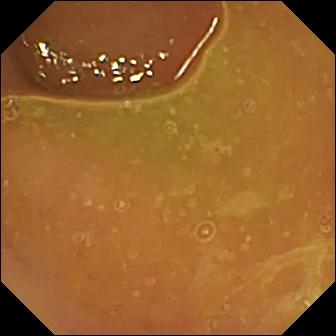Small-bowel capsule endoscopy — normal clean mucosa.